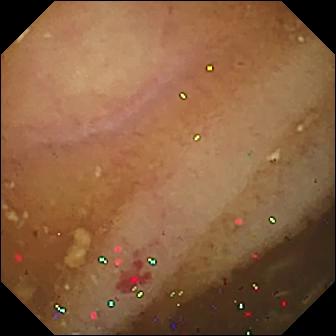Small-bowel capsule endoscopy. Impression: angiectasia.